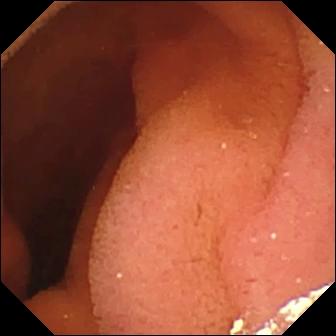WCE. Location: pylorus region (the junction between the stomach and the small bowel).